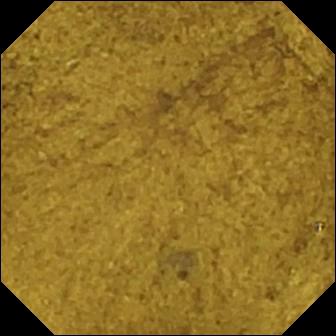- modality: WCE
- video segment: ileo-cecal valve region (where the capsule passes from the small bowel into the large bowel)